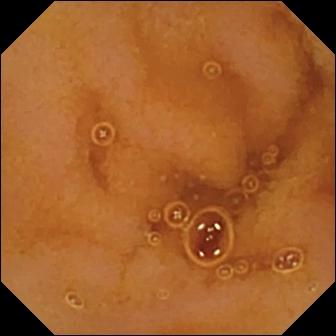Wireless capsule endoscopy frame, small bowel
Label: normal clean mucosa